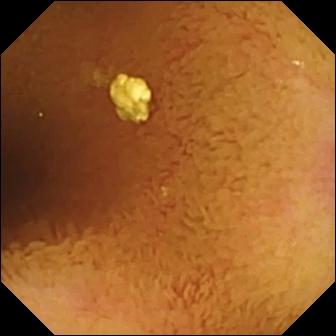Video capsule endoscopy. Observation: normal clean mucosa.